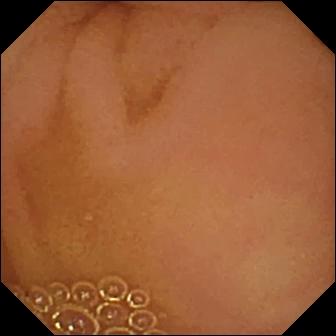{"modality": "video capsule endoscopy", "segment": "small bowel", "finding": "normal clean mucosa"}